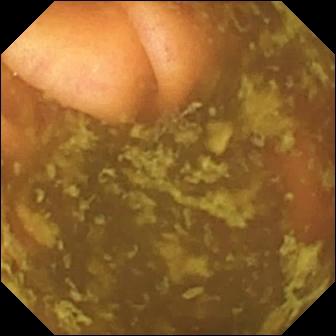This VCE frame was taken in the ileo-cecal valve region (the transition from the small bowel to the large bowel).